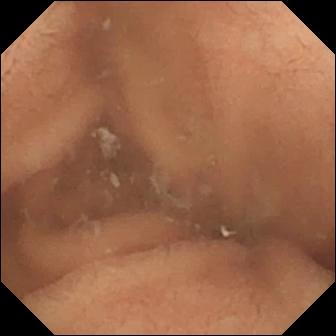Capsule endoscopy view
Impression: normal clean mucosa